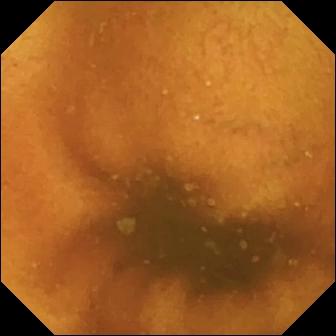{"modality": "VCE", "finding": "normal clean mucosa"}